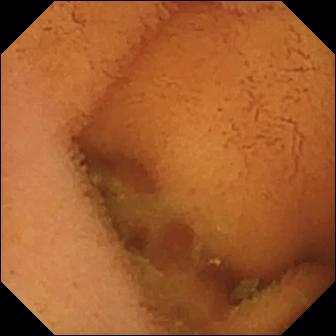modality: WCE | observation: normal clean mucosa